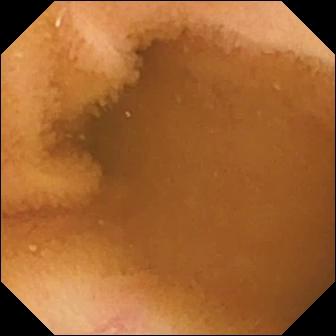{"modality": "WCE", "segment": "small bowel", "finding": "normal clean mucosa"}